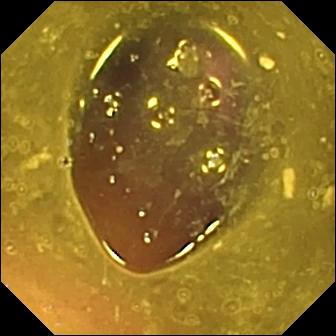- modality: WCE
- segment: small intestine
- label: reduced mucosal view (content or bubbles obscuring the mucosa)